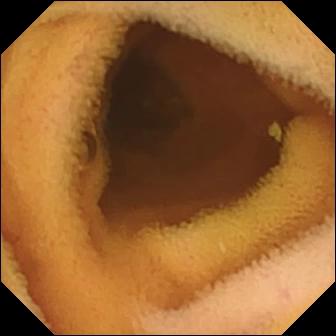Wireless capsule endoscopy still (small bowel), 336×336. Normal clean mucosa.